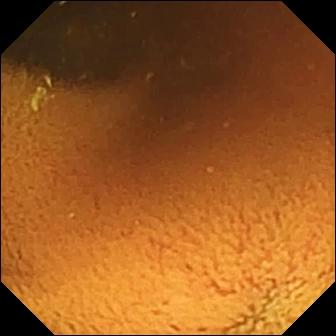Capsule endoscopy. Label: normal clean mucosa.